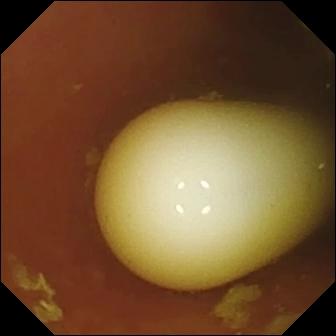Wireless capsule endoscopy view. Foreign body (e.g. retained capsule, tablet residue).